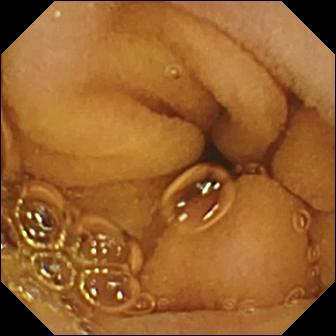modality: wireless capsule endoscopy | finding: normal clean mucosa